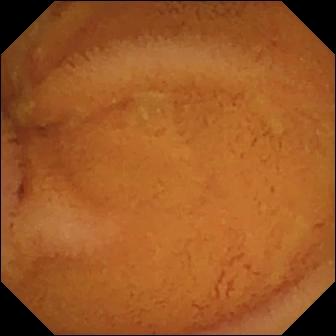Normal clean mucosa — WCE still of the small bowel.